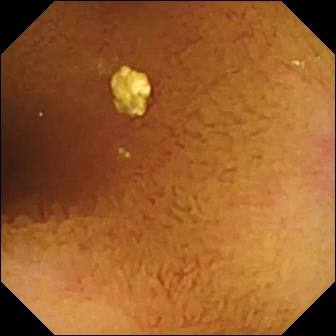Q: What does this VCE snapshot of the small intestine show?
A: Normal clean mucosa.